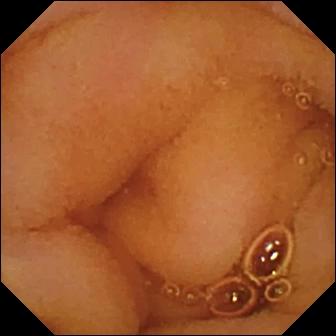Small-bowel capsule endoscopy image of the small intestine showing normal clean mucosa.